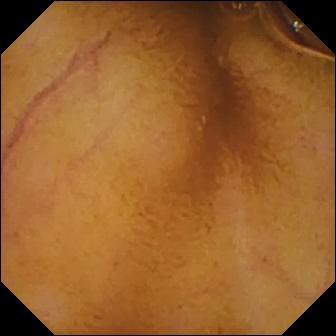Normal clean mucosa — WCE still of the small intestine.